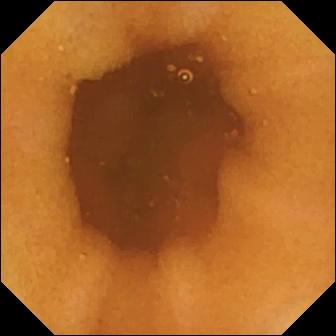Q: What does this WCE snapshot of the small intestine show?
A: Normal clean mucosa.